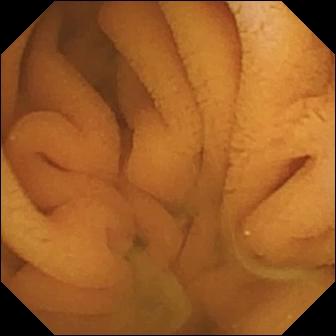Q: What does this WCE view of the small bowel show?
A: Normal clean mucosa.